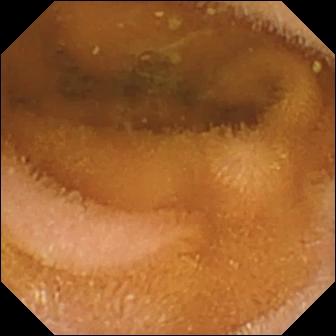Capsule endoscopy snapshot. Normal clean mucosa.